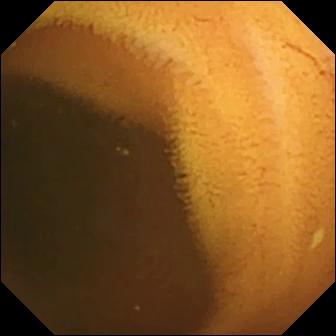VCE — normal clean mucosa.